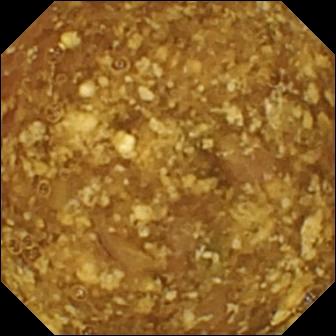Reduced mucosal view (content or bubbles obscuring the mucosa).